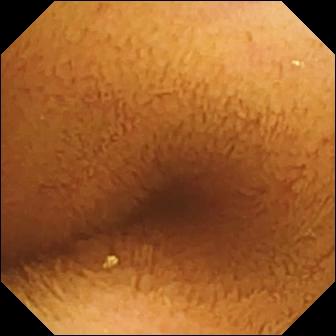Normal clean mucosa (336×336).